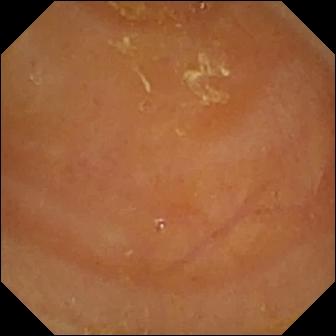Wireless capsule endoscopy — reduced mucosal view (content or bubbles obscuring the mucosa).